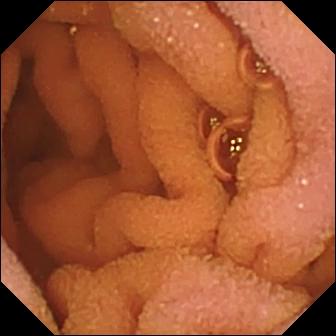modality: VCE | observation: normal clean mucosa